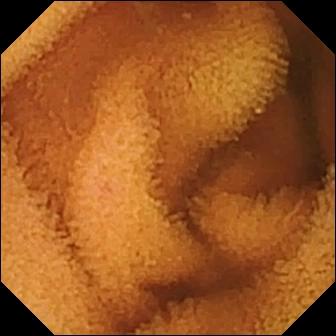Normal clean mucosa — wireless capsule endoscopy view.